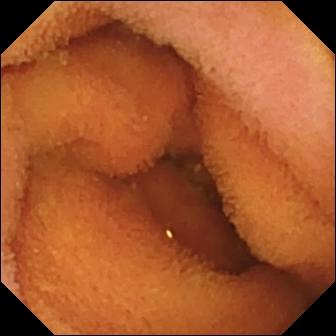{"modality": "small-bowel capsule endoscopy", "finding": "normal clean mucosa"}